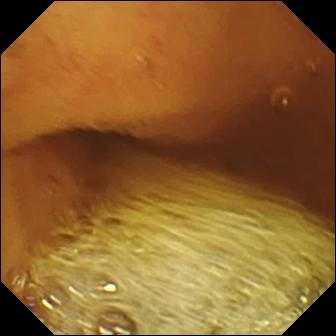Normal clean mucosa — video capsule endoscopy image.